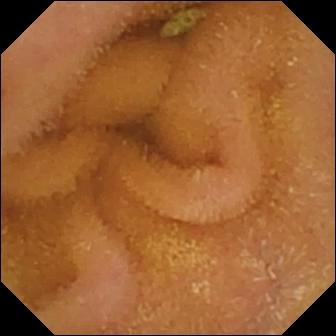Wireless capsule endoscopy frame (small intestine). Normal clean mucosa.